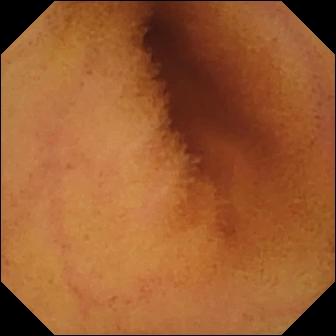This WCE frame of the small intestine shows normal clean mucosa.